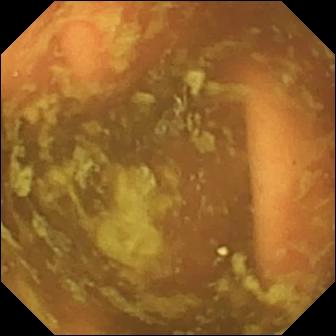WCE image. Taken in the ileo-cecal valve region (the transition from the small bowel to the large bowel).